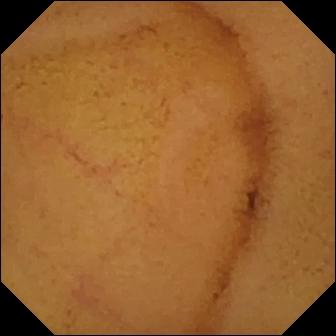Wireless capsule endoscopy view of the small bowel showing normal clean mucosa.